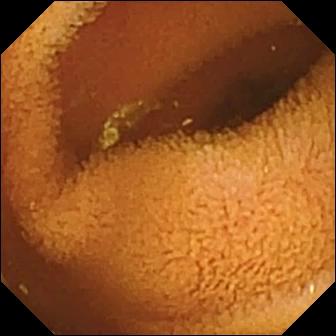PROCEDURE: VCE.
FINDINGS: Normal clean mucosa.